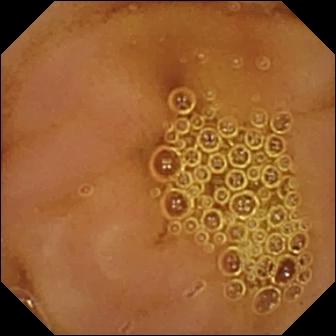Small-bowel capsule endoscopy — normal clean mucosa.